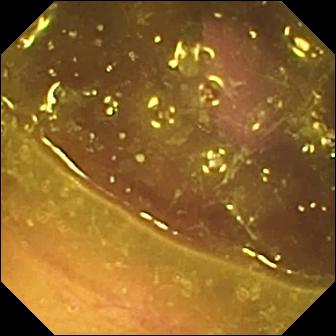{"modality": "wireless capsule endoscopy", "finding": "reduced mucosal view (content or bubbles obscuring the mucosa)"}